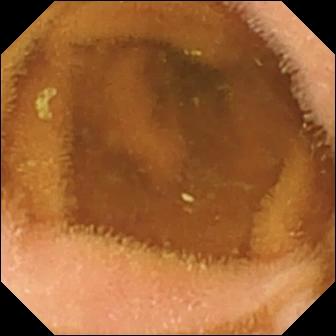Video capsule endoscopy — normal clean mucosa.